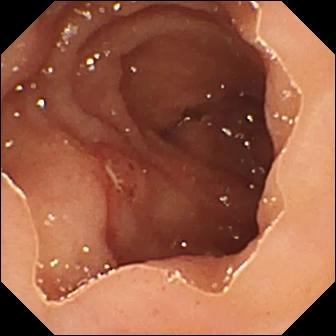Small-bowel capsule endoscopy snapshot
Observation: ulcer